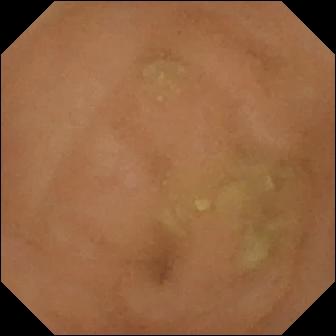Q: What does this WCE snapshot of the small intestine show?
A: Normal clean mucosa.